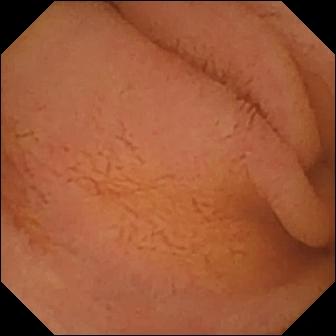Normal clean mucosa — wireless capsule endoscopy frame.